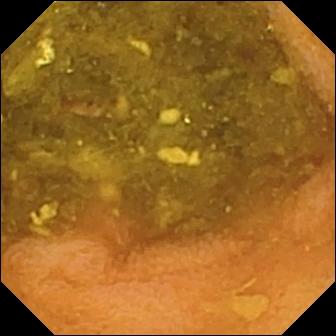{"modality": "small-bowel capsule endoscopy", "finding": "normal clean mucosa"}